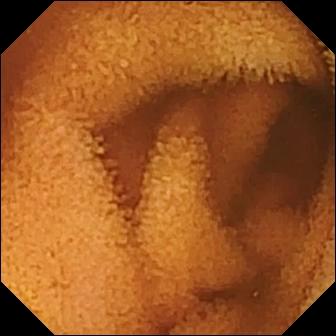This video capsule endoscopy frame of the small bowel shows normal clean mucosa.